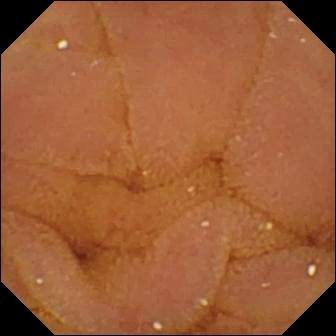WCE image
Label: normal clean mucosa